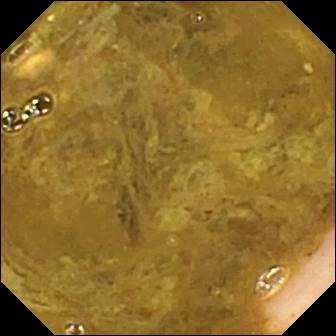PROCEDURE: Capsule endoscopy.
POSITION: Ileo-cecal valve region (the transition from the small bowel to the large bowel).